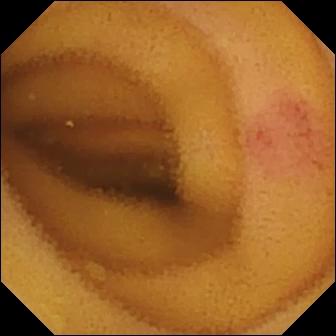{"modality": "wireless capsule endoscopy", "finding": "angiectasia"}